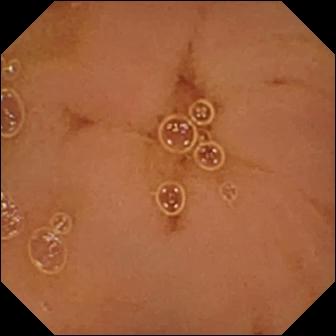Q: What does this capsule endoscopy view show?
A: Normal clean mucosa.